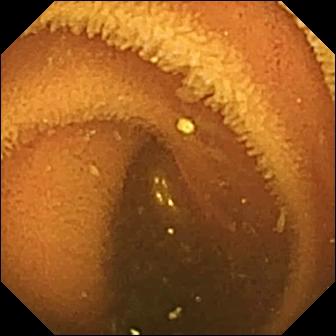Wireless capsule endoscopy image. Normal clean mucosa.